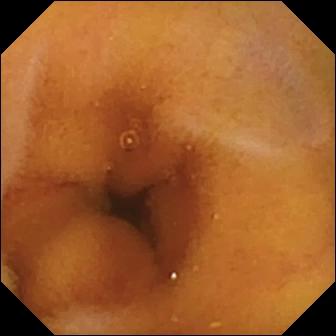{"modality": "capsule endoscopy", "category": "luminal finding", "finding": "normal clean mucosa"}